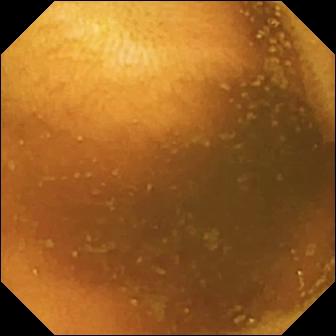Normal clean mucosa — small-bowel capsule endoscopy frame.